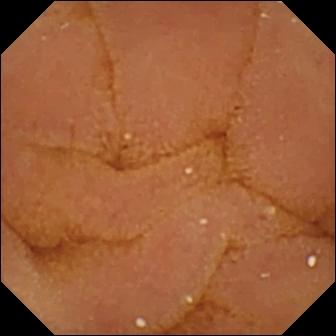VCE frame of the small bowel showing normal clean mucosa.